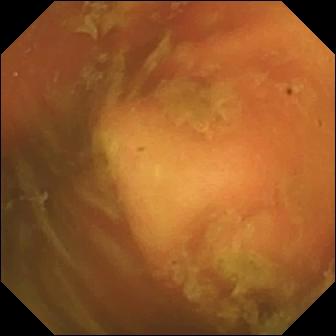Capsule endoscopy snapshot
Label: ileo-cecal valve region